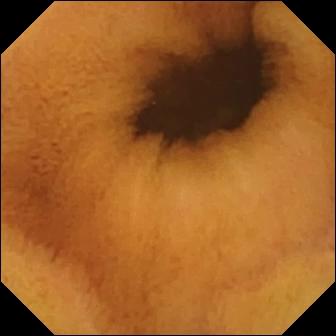Wireless capsule endoscopy image. Normal clean mucosa.